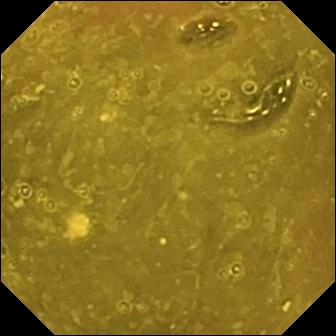Ileo-cecal valve region (the transition from the small bowel to the large bowel).